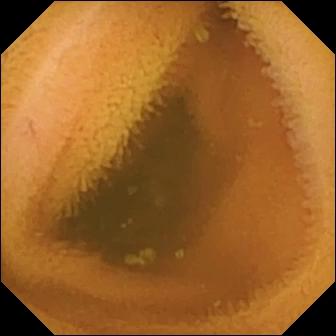modality: VCE | segment: small bowel | category: luminal finding | impression: normal clean mucosa